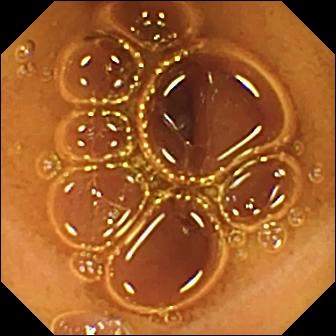Video capsule endoscopy still, small bowel
Observation: normal clean mucosa